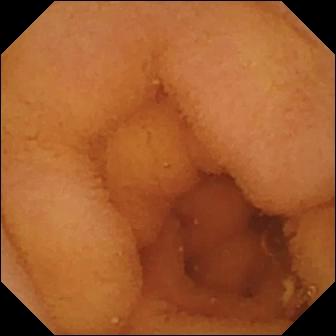{"modality": "WCE", "finding": "normal clean mucosa"}